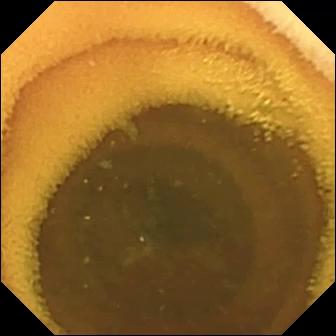Video capsule endoscopy frame. Normal clean mucosa.